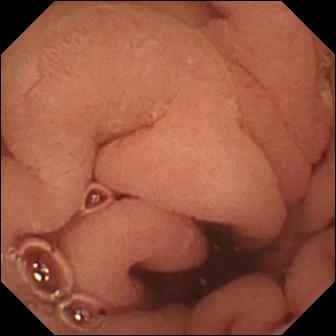Small-bowel capsule endoscopy still taken in the pylorus region (the junction between the stomach and the small bowel).